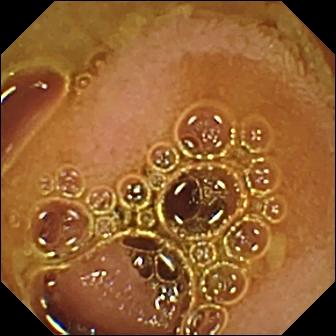This small-bowel capsule endoscopy snapshot shows normal clean mucosa.